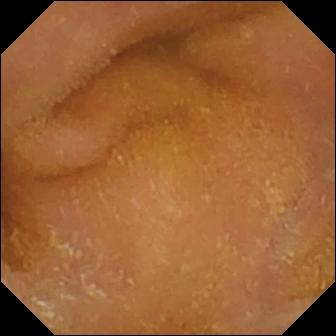{"modality": "capsule endoscopy", "finding": "normal clean mucosa"}